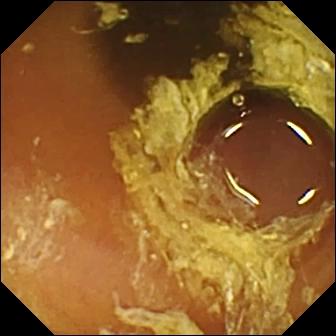Wireless capsule endoscopy view. Normal clean mucosa.